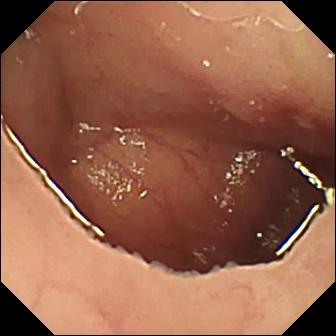Capsule endoscopy view
Impression: ulcer